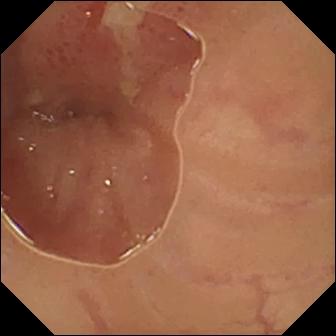- modality: WCE
- observation: ulcer